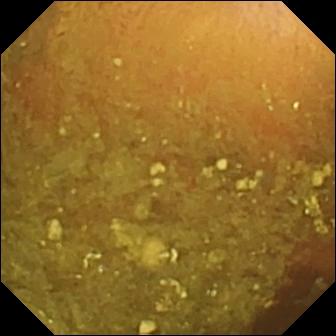- modality: wireless capsule endoscopy
- category: luminal finding
- finding: reduced mucosal view (content or bubbles obscuring the mucosa)